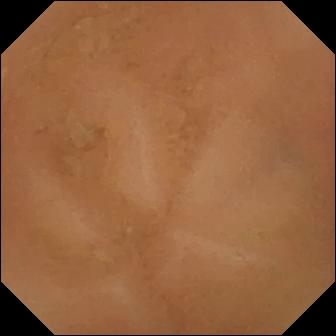Video capsule endoscopy — normal clean mucosa.